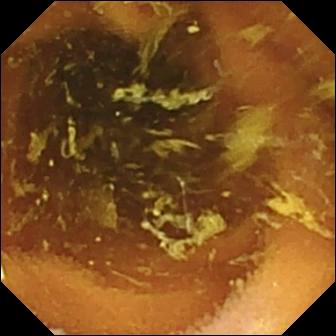VCE — normal clean mucosa.